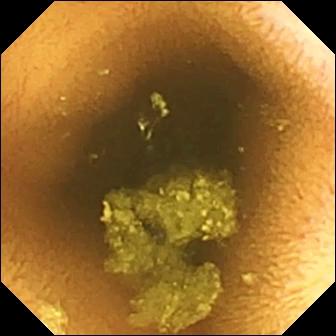Q: What does this small-bowel capsule endoscopy still of the small bowel show?
A: Normal clean mucosa.